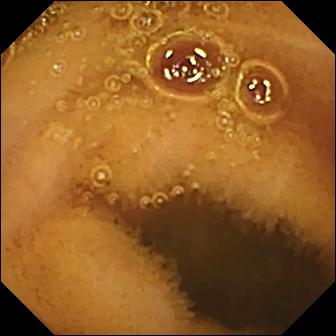Video capsule endoscopy view (small intestine). Normal clean mucosa.